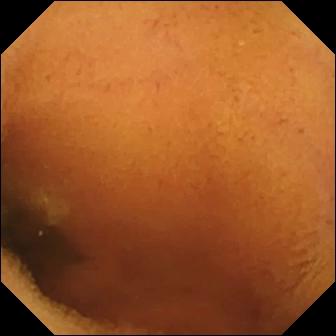- modality: wireless capsule endoscopy
- segment: small intestine
- label: normal clean mucosa